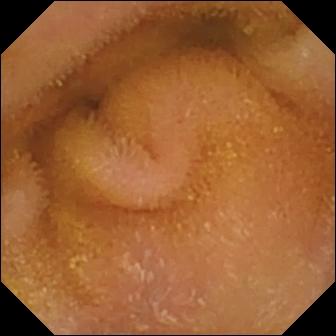VCE — normal clean mucosa.